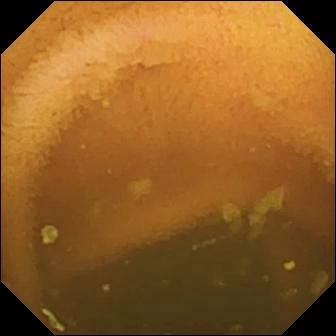Capsule endoscopy still of the small intestine showing normal clean mucosa.